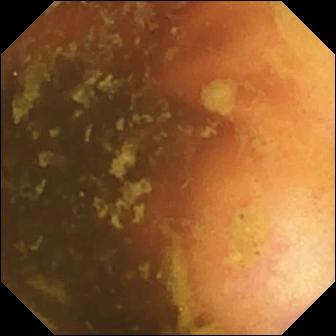WCE. Label: ileo-cecal valve region (the transition from the small bowel to the large bowel).